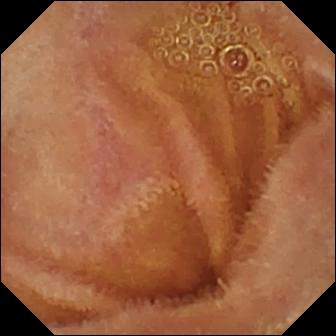WCE. Small bowel. Finding: normal clean mucosa.